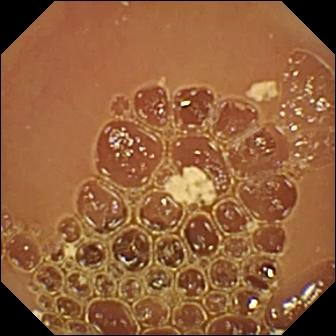Small-bowel capsule endoscopy. Small bowel. Label: normal clean mucosa.